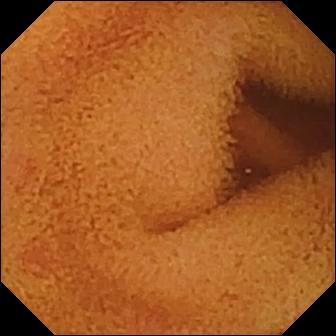This VCE image shows normal clean mucosa.